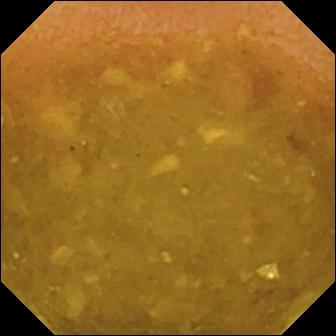This video capsule endoscopy image of the small bowel shows reduced mucosal view (content or bubbles obscuring the mucosa).